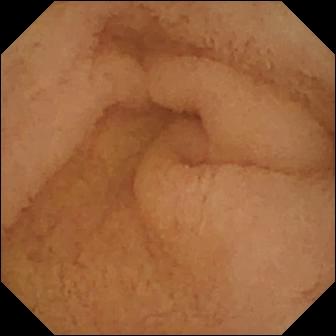{"modality": "capsule endoscopy", "video_segment": "pylorus region"}